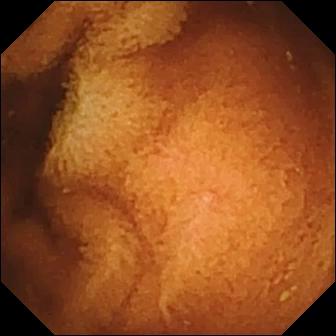Wireless capsule endoscopy frame of the small intestine showing normal clean mucosa.